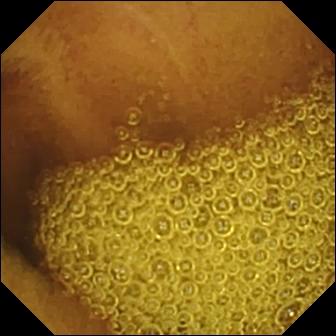modality: VCE | segment: small bowel | category: luminal finding | finding: normal clean mucosa